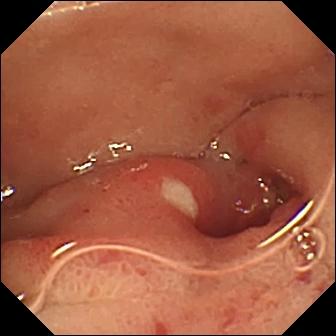{"modality": "VCE", "category": "luminal finding", "finding": "ulcer"}